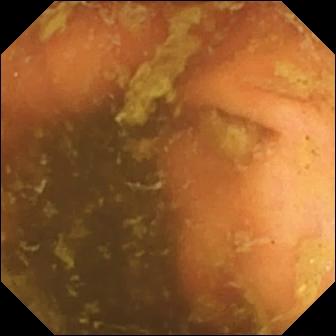{"modality": "VCE", "location": "ileo-cecal valve region"}